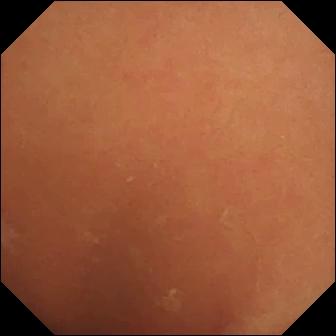Capsule endoscopy still. Normal clean mucosa.